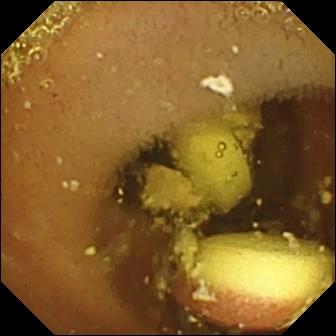Capsule endoscopy frame showing foreign body (e.g. retained capsule, tablet residue).